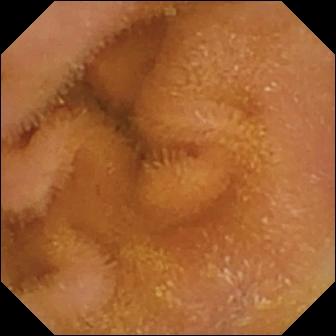Wireless capsule endoscopy snapshot, small intestine
Impression: normal clean mucosa